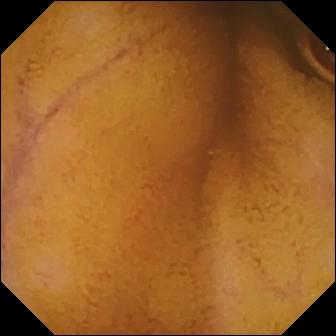Q: What does this video capsule endoscopy snapshot of the small bowel show?
A: Normal clean mucosa.